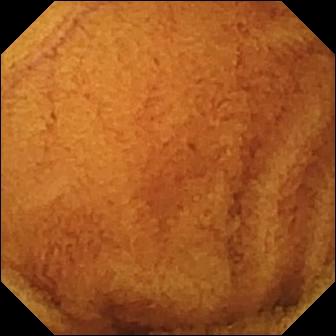- modality: WCE
- segment: small bowel
- category: luminal finding
- observation: normal clean mucosa